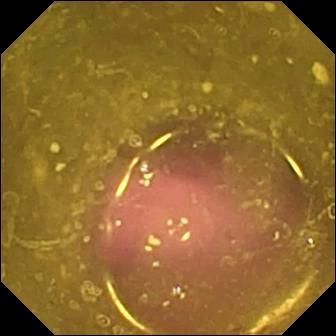This capsule endoscopy view of the small intestine shows reduced mucosal view (content or bubbles obscuring the mucosa).